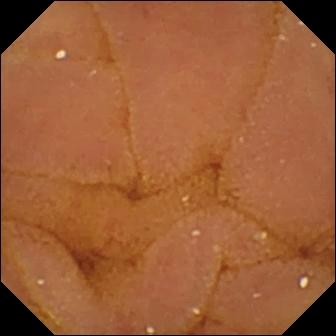Q: What does this VCE view show?
A: Normal clean mucosa.